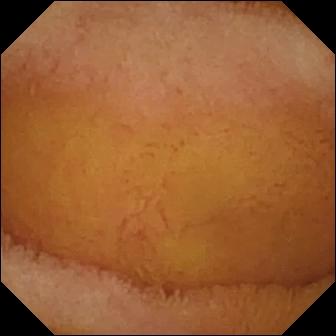PROCEDURE: WCE.
SEGMENT: Small bowel.
FINDINGS: Normal clean mucosa.